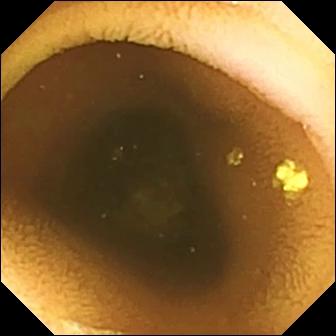Capsule endoscopy. Observation: normal clean mucosa.